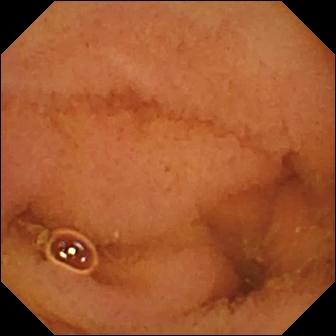- modality: VCE
- segment: small intestine
- category: luminal finding
- label: normal clean mucosa